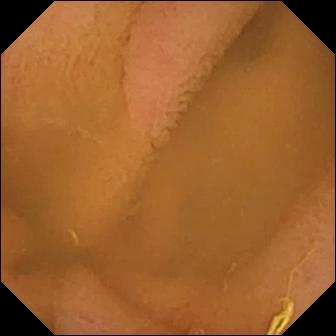Capsule endoscopy. Luminal finding. Label: normal clean mucosa.